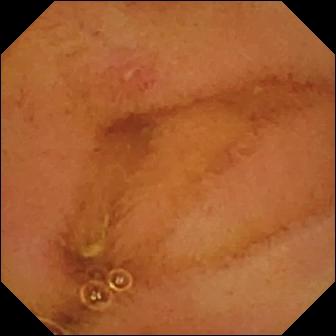Small-bowel capsule endoscopy — erosion.